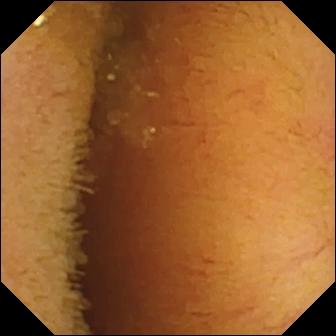Normal clean mucosa — video capsule endoscopy still of the small intestine.